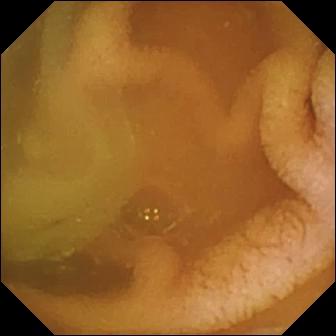Normal clean mucosa.